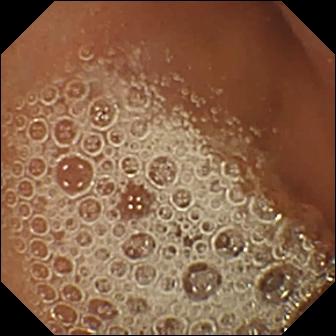Capsule endoscopy. Impression: normal clean mucosa.